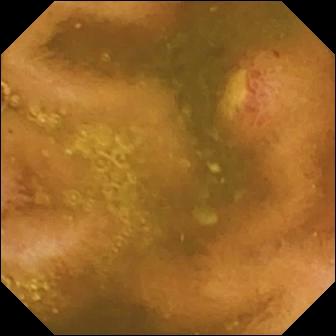VCE image showing ulcer.